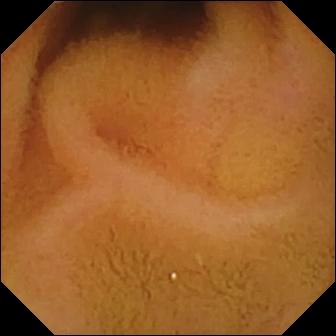{"modality": "video capsule endoscopy", "finding": "normal clean mucosa"}